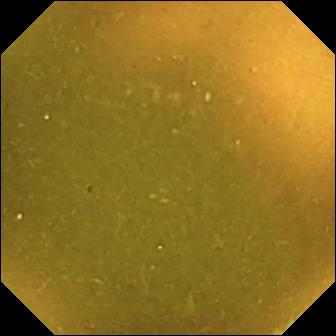Ileo-cecal valve region (the transition from the small bowel to the large bowel) — WCE view.